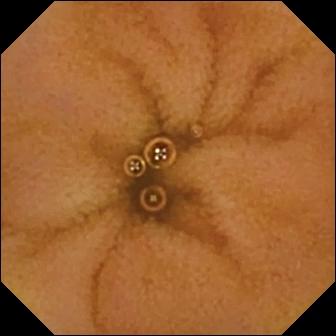{"modality": "wireless capsule endoscopy", "segment": "small bowel", "finding": "normal clean mucosa"}